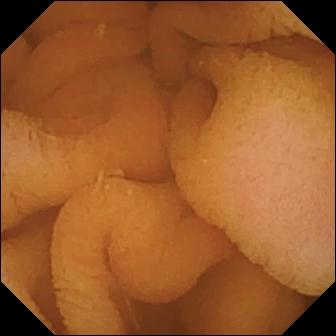PROCEDURE: Wireless capsule endoscopy.
SEGMENT: Small intestine.
FINDINGS: Normal clean mucosa.